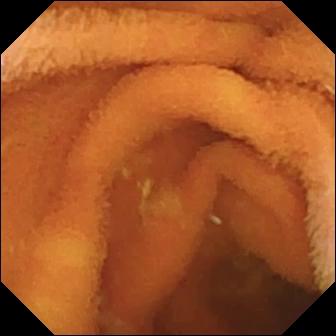Normal clean mucosa — wireless capsule endoscopy snapshot of the small intestine.